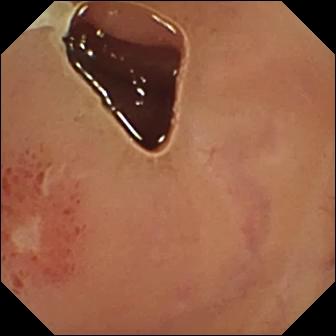modality: video capsule endoscopy | label: ulcer